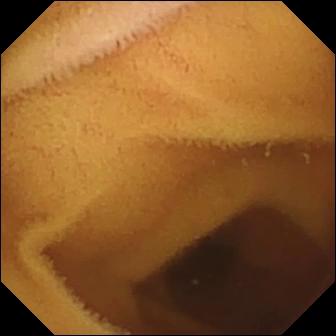Wireless capsule endoscopy view showing normal clean mucosa.